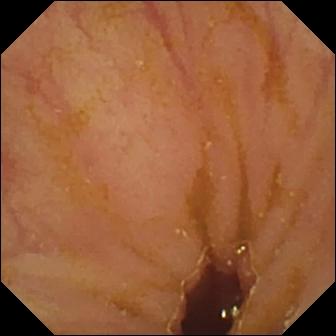Q: Where in the digestive tract was this small-bowel capsule endoscopy frame taken?
A: Ileo-cecal valve region (where the capsule passes from the small bowel into the large bowel).